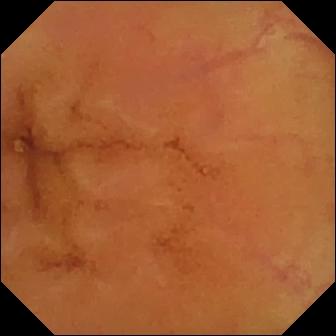VCE image (small bowel), 336×336. Normal clean mucosa.